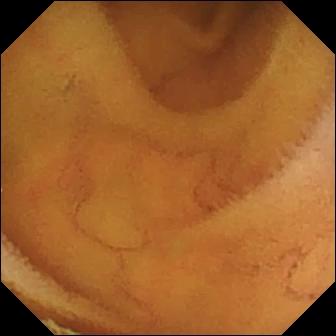Normal clean mucosa — WCE view.